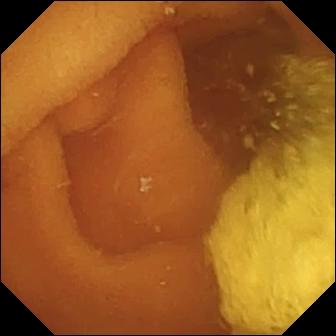{"modality": "video capsule endoscopy", "category": "luminal finding", "finding": "normal clean mucosa"}